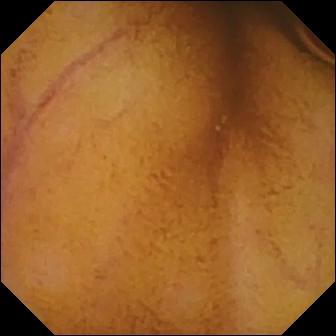VCE — normal clean mucosa.